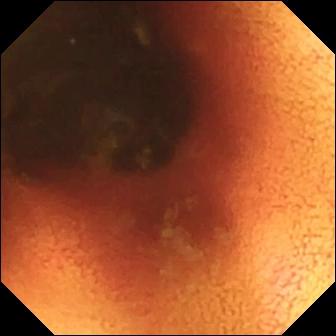Q: Where in the digestive tract was this capsule endoscopy frame taken?
A: Ileo-cecal valve region (where the capsule passes from the small bowel into the large bowel).